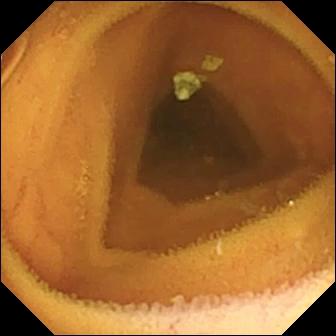Video capsule endoscopy. Luminal finding. Impression: normal clean mucosa.